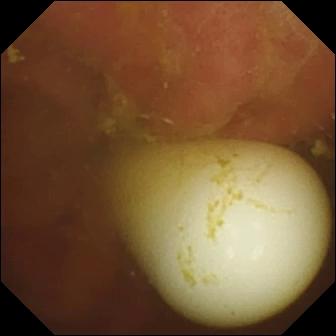This WCE snapshot shows foreign body (e.g. retained capsule, tablet residue).